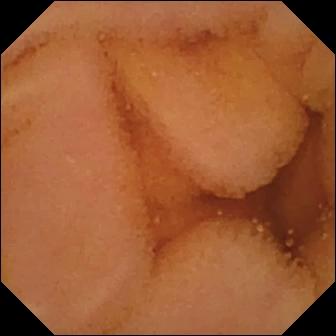VCE. Label: normal clean mucosa.